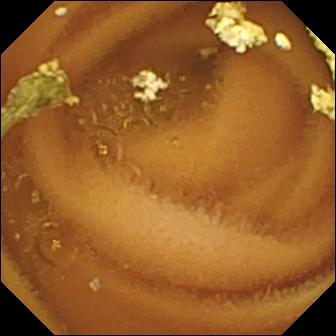modality: small-bowel capsule endoscopy
observation: normal clean mucosa